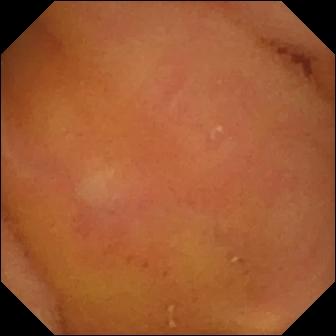This wireless capsule endoscopy still of the small intestine shows normal clean mucosa.